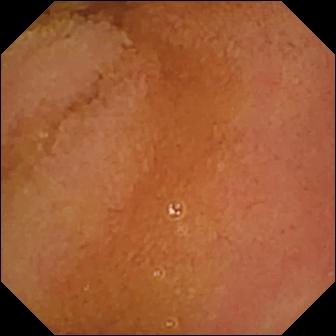Small-bowel capsule endoscopy. Small intestine. Observation: normal clean mucosa.